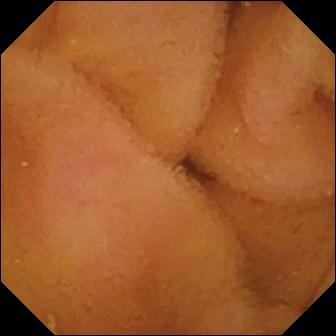Small-bowel capsule endoscopy image
Impression: normal clean mucosa